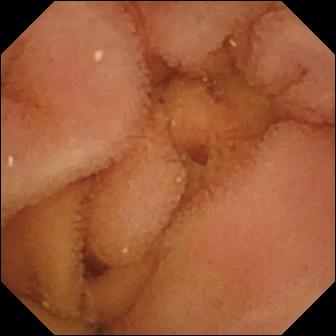modality: WCE; segment: small intestine; category: luminal finding; label: normal clean mucosa